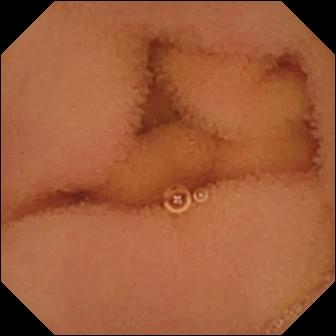{"modality": "small-bowel capsule endoscopy", "finding": "normal clean mucosa"}